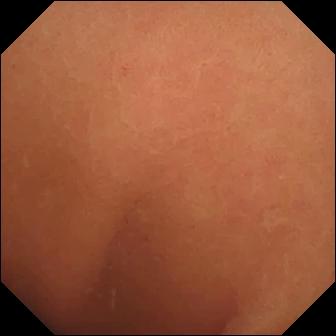Q: What does this video capsule endoscopy image show?
A: Normal clean mucosa.